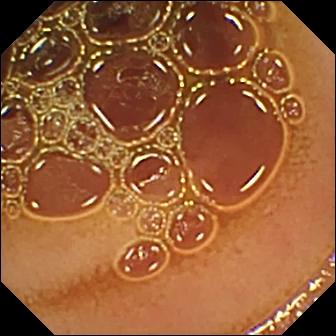WCE. Observation: normal clean mucosa.